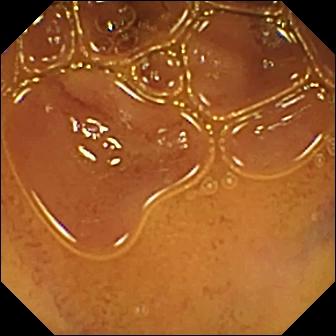VCE. Small bowel. Label: normal clean mucosa.